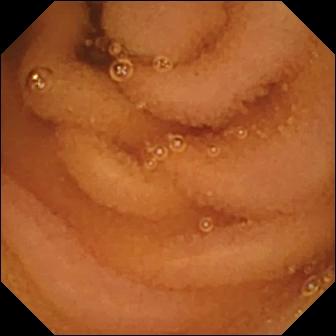modality: wireless capsule endoscopy
segment: small intestine
label: normal clean mucosa